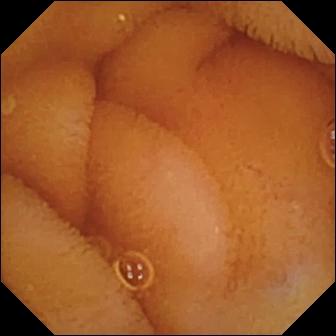Normal clean mucosa.